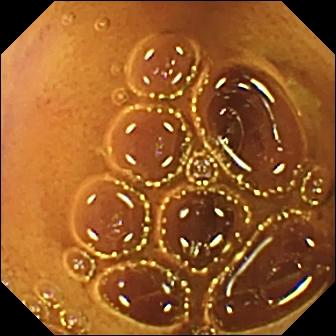PROCEDURE: VCE.
SEGMENT: Small bowel.
FINDINGS: Normal clean mucosa.